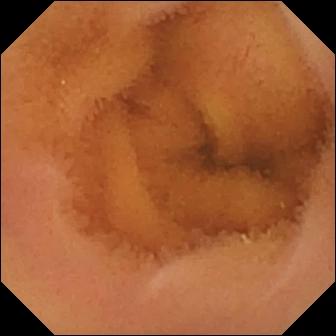Normal clean mucosa (336×336).